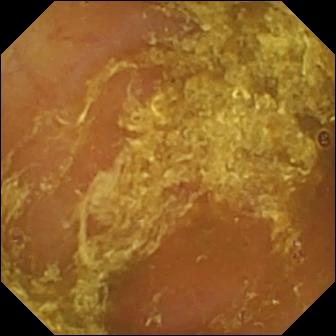Q: What does this wireless capsule endoscopy snapshot of the small bowel show?
A: Reduced mucosal view (content or bubbles obscuring the mucosa).